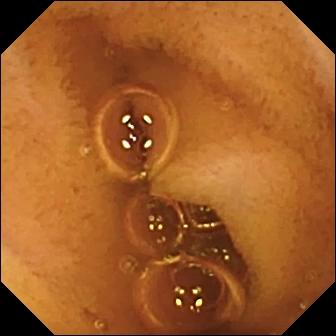This video capsule endoscopy still shows normal clean mucosa.